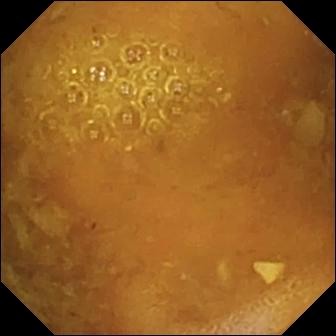WCE view, small bowel
Observation: reduced mucosal view (content or bubbles obscuring the mucosa)